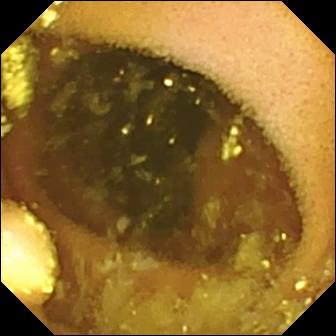Lymphangiectasia — video capsule endoscopy snapshot.